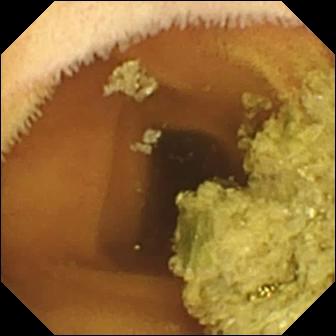- modality: WCE
- label: normal clean mucosa